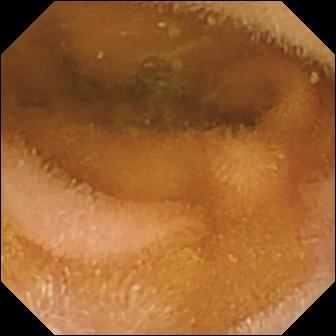Capsule endoscopy snapshot, small intestine
Impression: normal clean mucosa